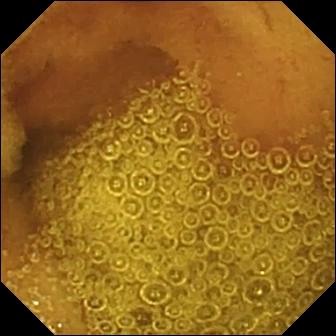WCE snapshot (small intestine). Normal clean mucosa.